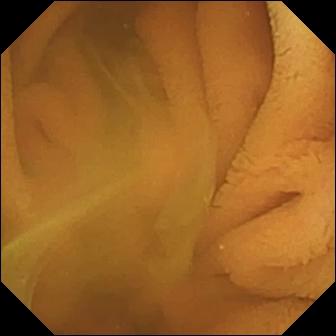Q: What does this VCE snapshot show?
A: Normal clean mucosa.